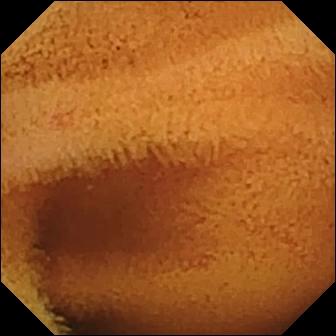Capsule endoscopy. Label: normal clean mucosa.